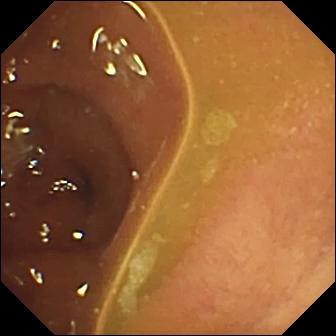PROCEDURE: Wireless capsule endoscopy.
SEGMENT: Small intestine.
FINDINGS: Normal clean mucosa.